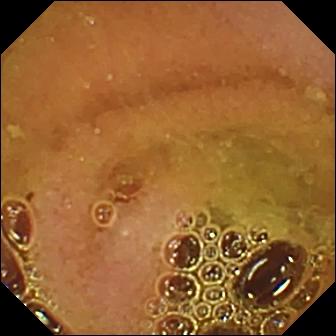Video capsule endoscopy frame. Normal clean mucosa.